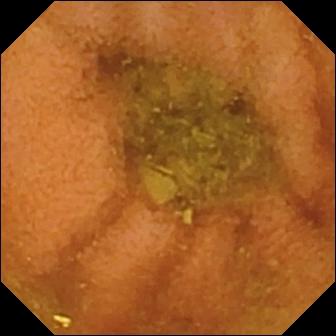- modality: WCE
- segment: small bowel
- observation: normal clean mucosa